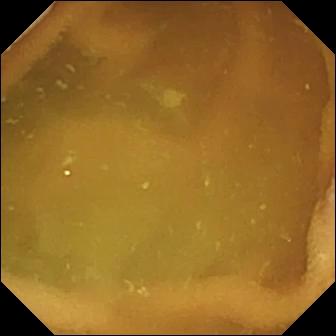PROCEDURE: WCE.
SEGMENT: Small intestine.
FINDINGS: Normal clean mucosa.